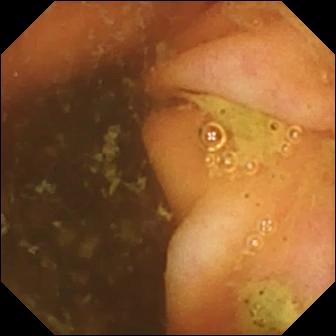Capsule endoscopy — ileo-cecal valve region (the transition from the small bowel to the large bowel).